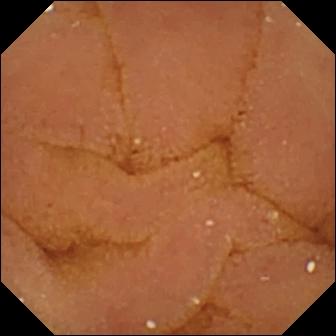VCE view
Observation: normal clean mucosa